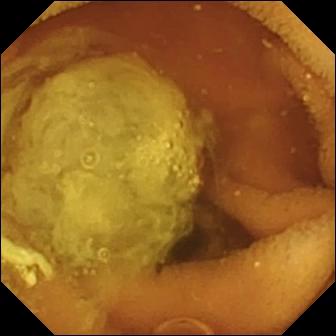Q: What does this VCE frame of the small bowel show?
A: Normal clean mucosa.